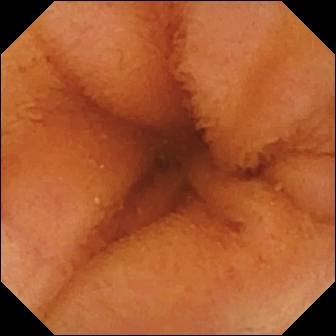Q: What does this capsule endoscopy frame of the small intestine show?
A: Normal clean mucosa.